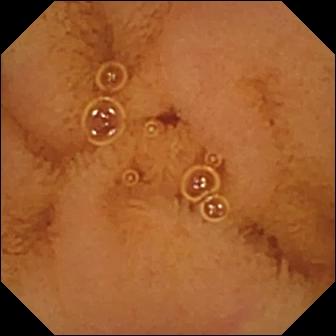Normal clean mucosa.